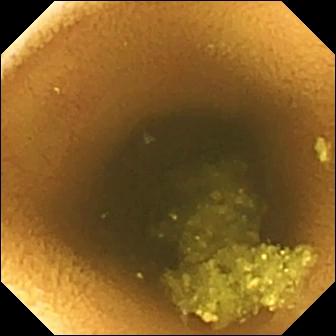Video capsule endoscopy — normal clean mucosa.